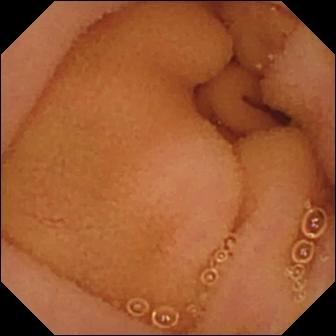Small-bowel capsule endoscopy snapshot (small bowel). Normal clean mucosa.